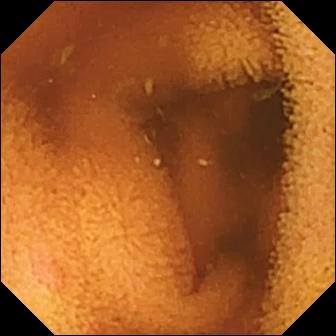Q: What does this video capsule endoscopy view of the small bowel show?
A: Normal clean mucosa.